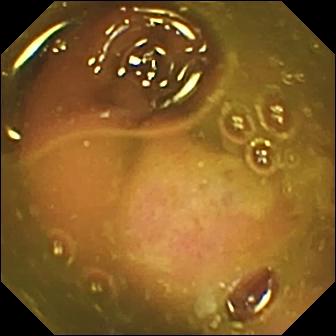modality: wireless capsule endoscopy | category: anatomical landmark | position: ileo-cecal valve region (the transition from the small bowel to the large bowel)